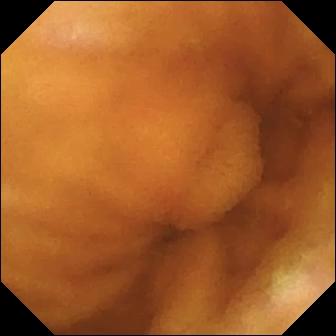Video capsule endoscopy snapshot. Normal clean mucosa.